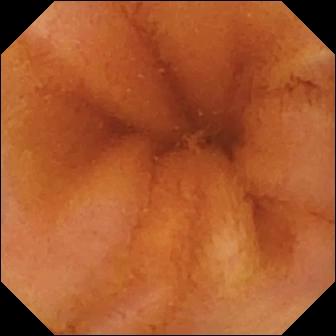{"modality": "video capsule endoscopy", "finding": "normal clean mucosa"}